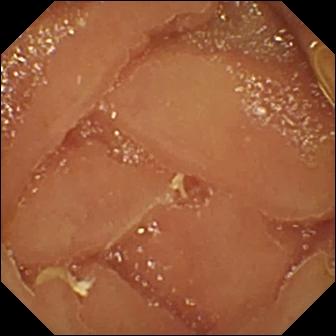This small-bowel capsule endoscopy image of the small bowel shows normal clean mucosa.